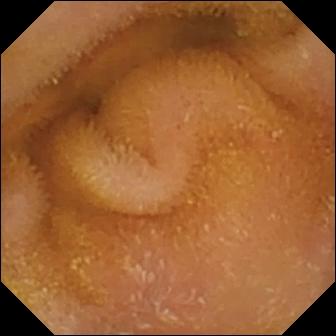Small-bowel capsule endoscopy frame, small bowel
Label: normal clean mucosa